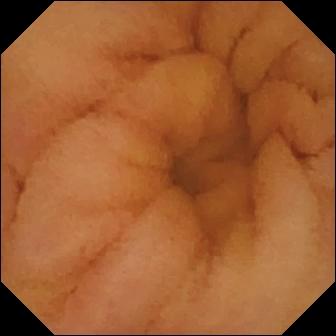Normal clean mucosa.